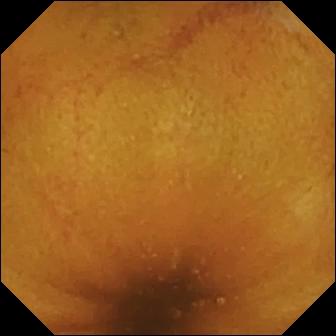Normal clean mucosa.